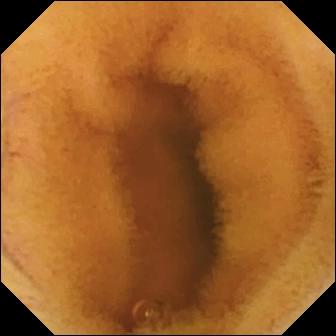Normal clean mucosa — wireless capsule endoscopy snapshot of the small intestine.